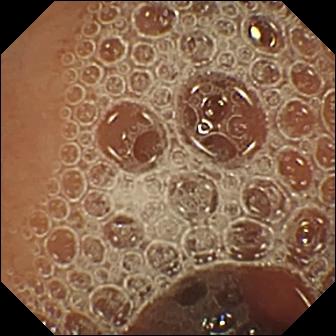- modality: small-bowel capsule endoscopy
- observation: normal clean mucosa